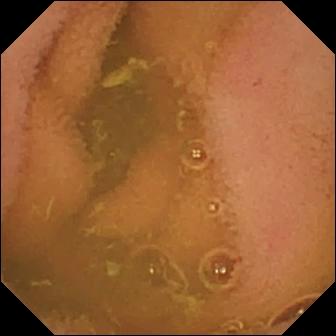Wireless capsule endoscopy still, small bowel
Finding: normal clean mucosa